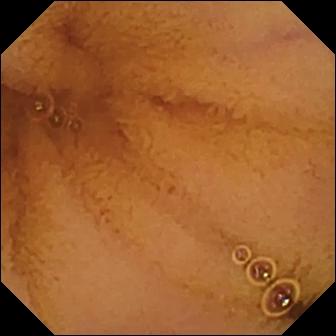Normal clean mucosa.